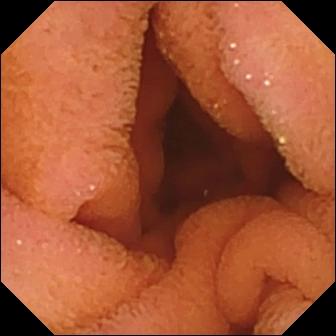{"modality": "VCE", "finding": "normal clean mucosa"}